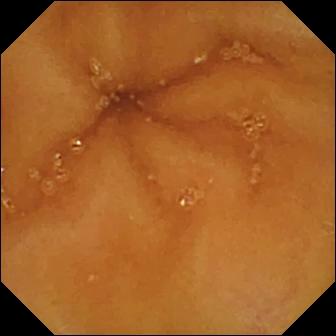Normal clean mucosa — wireless capsule endoscopy view.